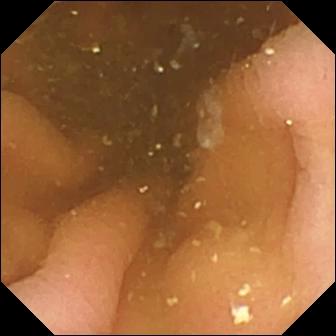VCE frame
Location: pylorus region (where the capsule passes from the stomach into the small bowel)